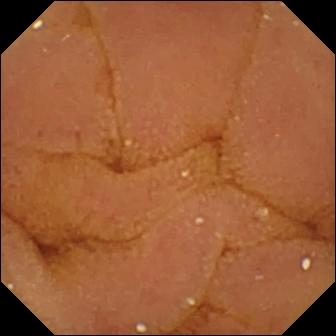PROCEDURE: Video capsule endoscopy.
FINDINGS: Normal clean mucosa.